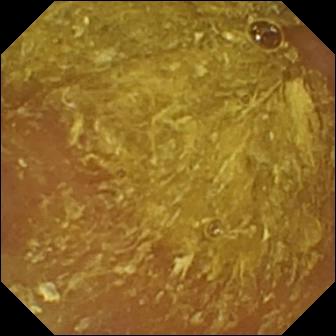Video capsule endoscopy view showing reduced mucosal view (content or bubbles obscuring the mucosa).